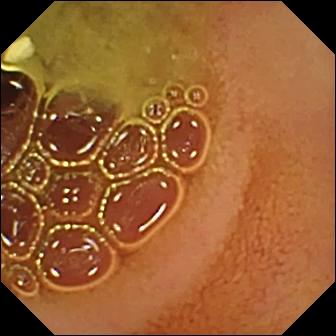{"modality": "WCE", "finding": "normal clean mucosa"}